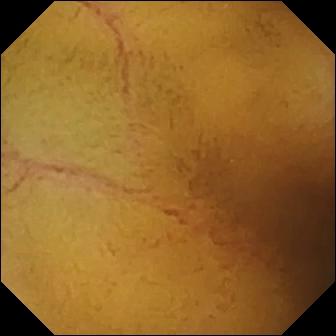Video capsule endoscopy — normal clean mucosa.